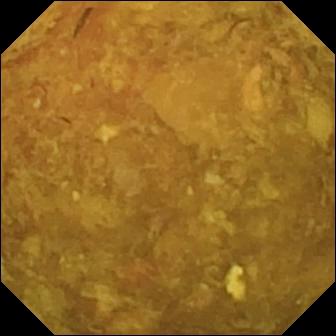- modality: VCE
- segment: small bowel
- category: luminal finding
- finding: reduced mucosal view (content or bubbles obscuring the mucosa)